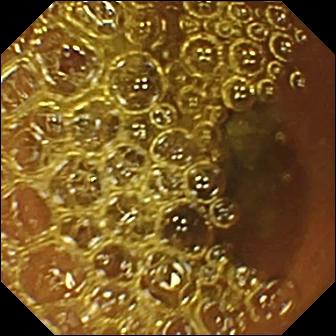Small-bowel capsule endoscopy view
Label: normal clean mucosa